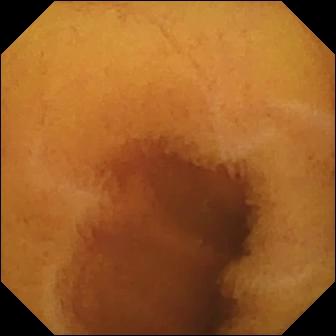{"modality": "capsule endoscopy", "category": "luminal finding", "finding": "normal clean mucosa"}